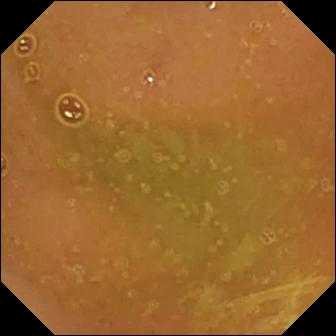Video capsule endoscopy snapshot (small intestine). Normal clean mucosa.